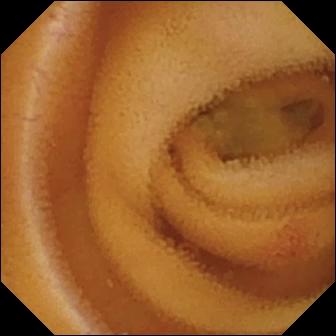Q: What does this VCE still show?
A: Angiectasia.